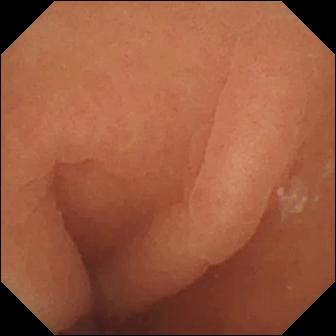Small-bowel capsule endoscopy still
Label: normal clean mucosa